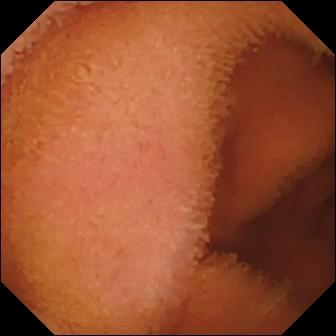PROCEDURE: WCE.
SEGMENT: Small intestine.
FINDINGS: Normal clean mucosa.